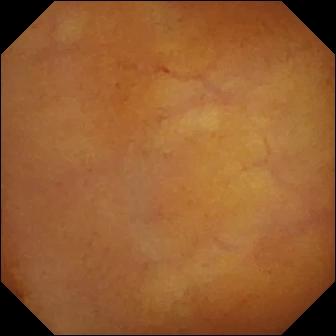- modality: capsule endoscopy
- observation: normal clean mucosa